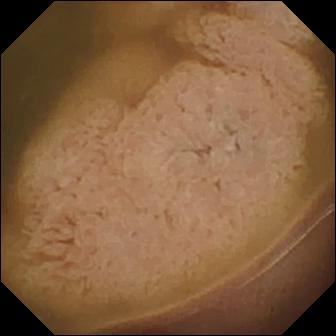- modality: capsule endoscopy
- label: ileo-cecal valve region (the transition from the small bowel to the large bowel)